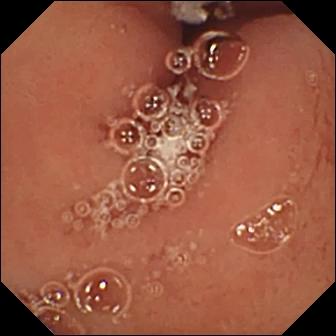Pylorus region (the junction between the stomach and the small bowel) — wireless capsule endoscopy view.